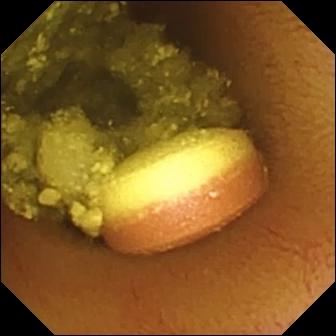Capsule endoscopy still
Finding: foreign body (e.g. retained capsule, tablet residue)